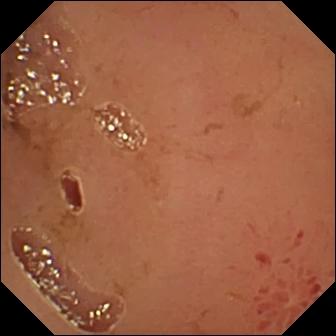- modality: VCE
- label: erosion